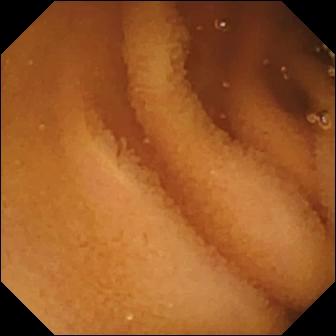- modality: small-bowel capsule endoscopy
- segment: small intestine
- category: luminal finding
- finding: normal clean mucosa